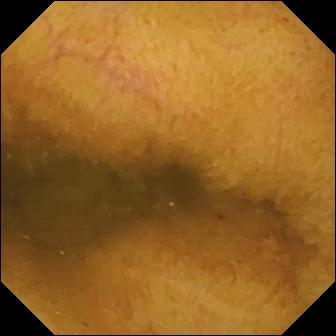This wireless capsule endoscopy snapshot shows normal clean mucosa.